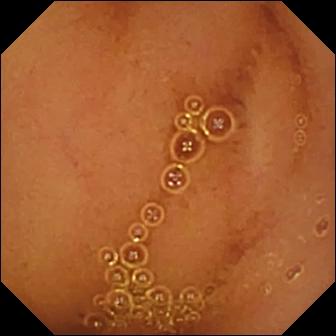Normal clean mucosa — video capsule endoscopy view of the small intestine.